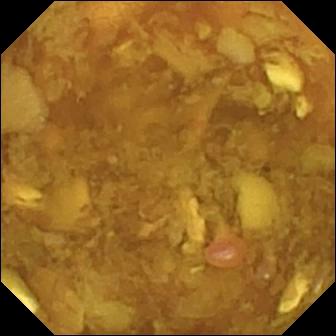Video capsule endoscopy. Impression: reduced mucosal view (content or bubbles obscuring the mucosa).